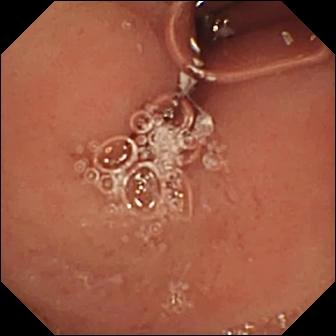Small-bowel capsule endoscopy — pylorus region.